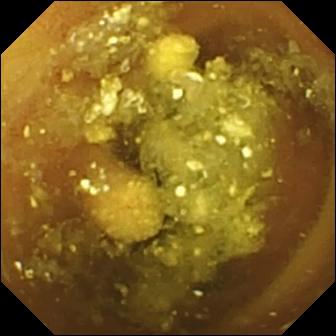VCE snapshot. Lymphangiectasia.